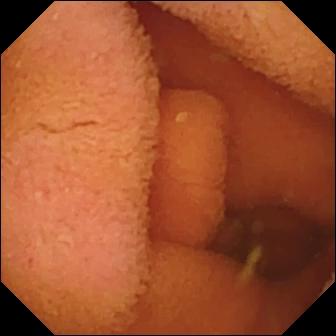PROCEDURE: WCE.
FINDINGS: Normal clean mucosa.